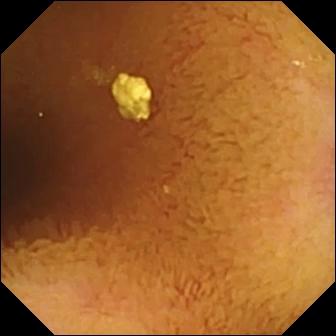Small-bowel capsule endoscopy — normal clean mucosa.